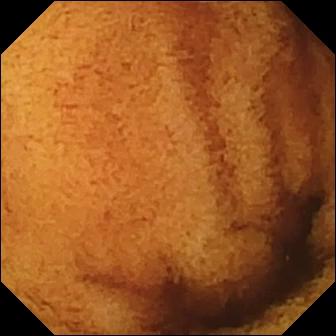VCE. Small bowel. Finding: normal clean mucosa.